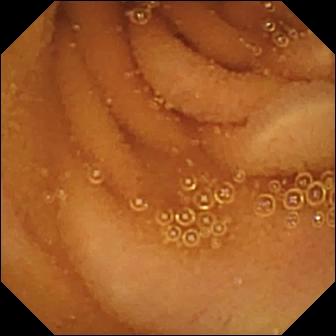Capsule endoscopy still showing normal clean mucosa.